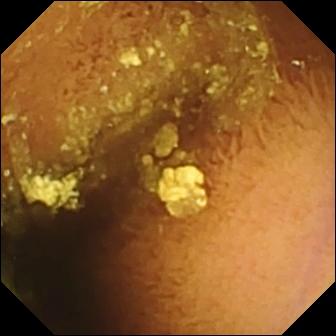Q: What does this capsule endoscopy frame show?
A: Normal clean mucosa.